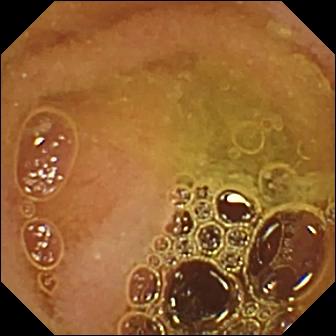PROCEDURE: VCE.
FINDINGS: Normal clean mucosa.